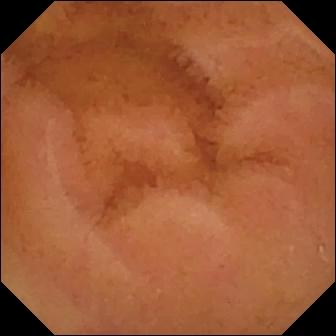Normal clean mucosa.